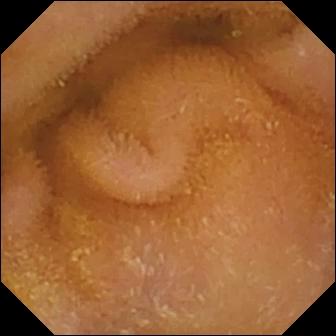Normal clean mucosa — small-bowel capsule endoscopy snapshot of the small intestine.